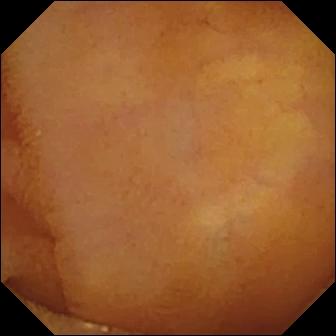PROCEDURE: Video capsule endoscopy.
FINDINGS: Normal clean mucosa.